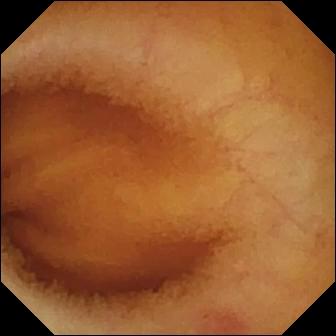{"modality": "wireless capsule endoscopy", "category": "luminal finding", "finding": "angiectasia"}